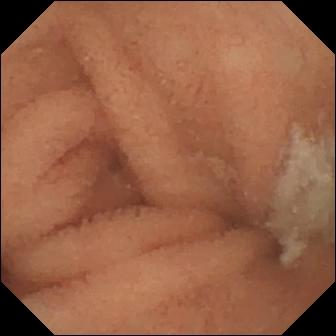{"modality": "wireless capsule endoscopy", "finding": "normal clean mucosa"}